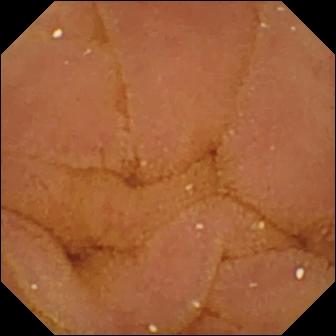This wireless capsule endoscopy frame shows normal clean mucosa.